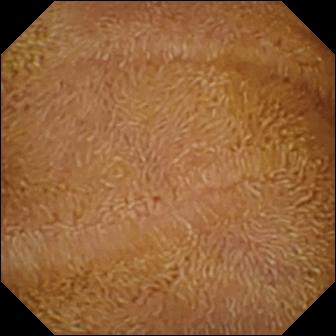modality: capsule endoscopy | finding: normal clean mucosa